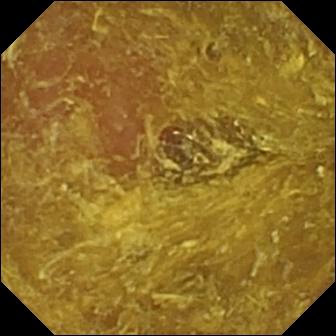Small-bowel capsule endoscopy. Luminal finding. Finding: reduced mucosal view (content or bubbles obscuring the mucosa).